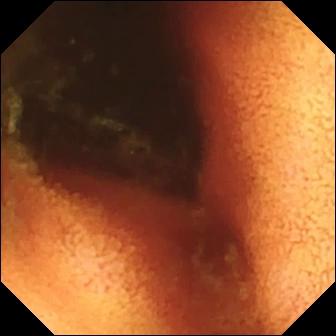modality: video capsule endoscopy | label: ileo-cecal valve region (the transition from the small bowel to the large bowel)